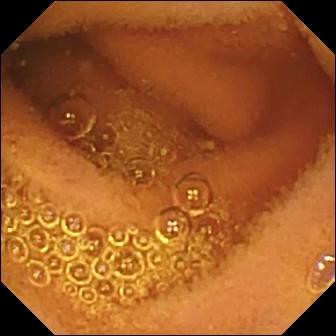- modality: wireless capsule endoscopy
- category: luminal finding
- label: normal clean mucosa